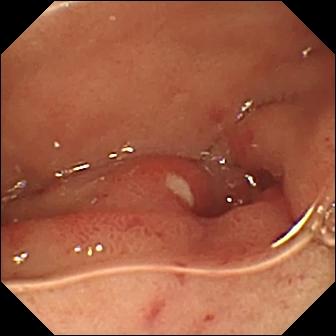{"modality": "VCE", "finding": "ulcer"}